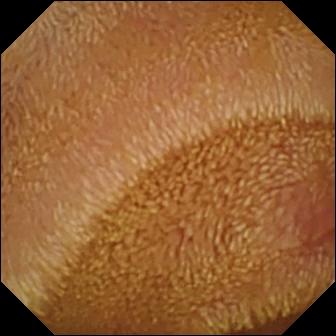WCE — erosion.